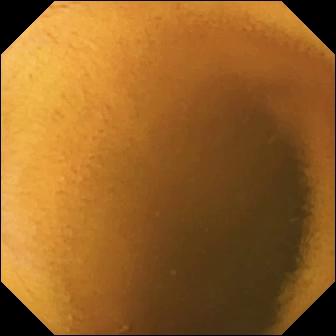This VCE still of the small bowel shows normal clean mucosa.